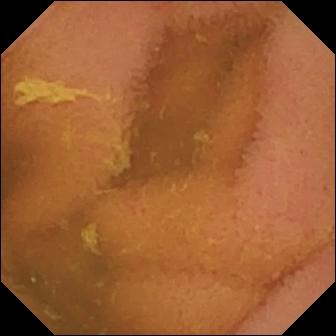modality: VCE; finding: normal clean mucosa